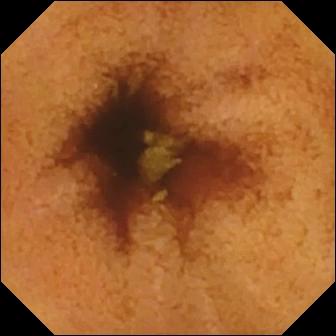Normal clean mucosa — small-bowel capsule endoscopy still.